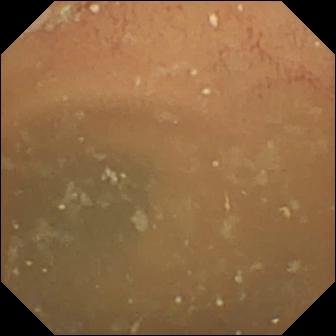Capsule endoscopy — normal clean mucosa.